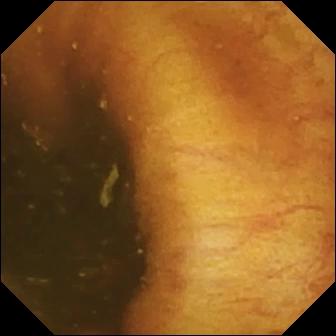PROCEDURE: WCE.
POSITION: Ileo-cecal valve region.